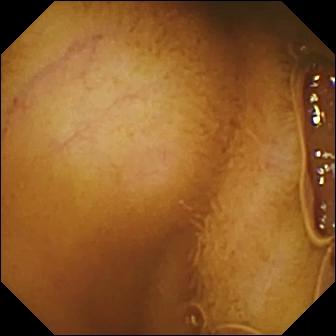Q: What does this capsule endoscopy image show?
A: Normal clean mucosa.